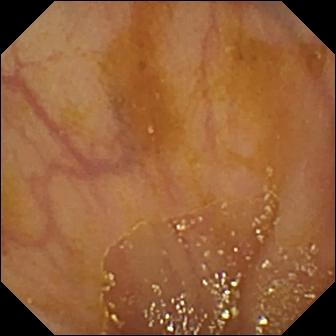- modality: VCE
- position: ileo-cecal valve region